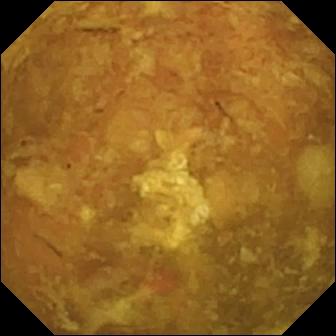Wireless capsule endoscopy. Luminal finding. Impression: reduced mucosal view (content or bubbles obscuring the mucosa).